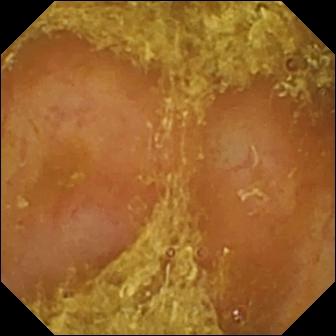Wireless capsule endoscopy frame showing reduced mucosal view (content or bubbles obscuring the mucosa).